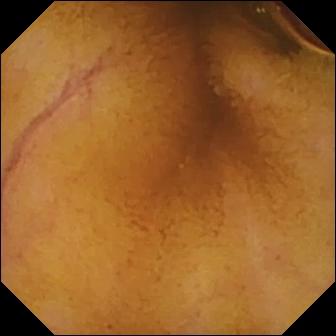Normal clean mucosa — wireless capsule endoscopy view.